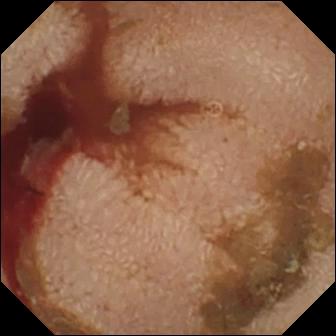Wireless capsule endoscopy — fresh blood in the lumen.